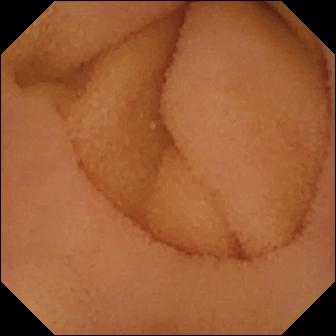WCE snapshot (small intestine). Normal clean mucosa.